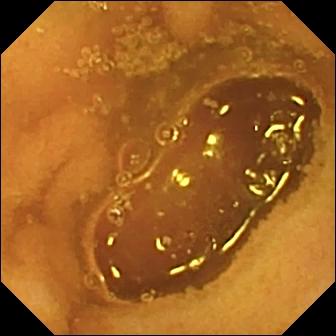Normal clean mucosa.